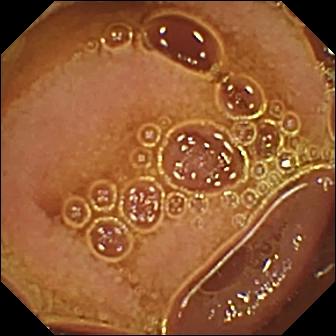Small-bowel capsule endoscopy snapshot, small bowel
Impression: normal clean mucosa